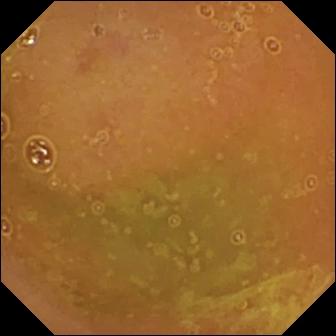This small-bowel capsule endoscopy frame shows normal clean mucosa.